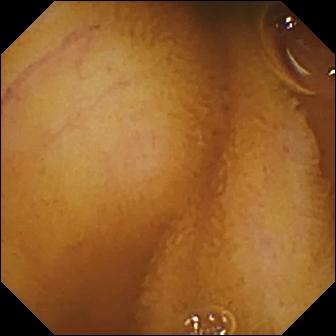modality: video capsule endoscopy; finding: normal clean mucosa